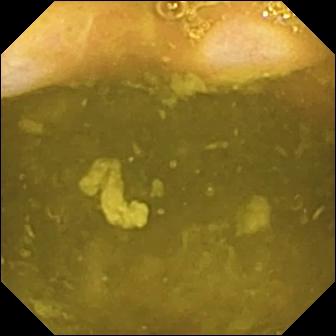VCE snapshot. Taken in the ileo-cecal valve region (the transition from the small bowel to the large bowel).